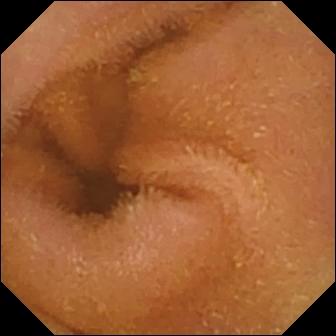Video capsule endoscopy snapshot. Normal clean mucosa.